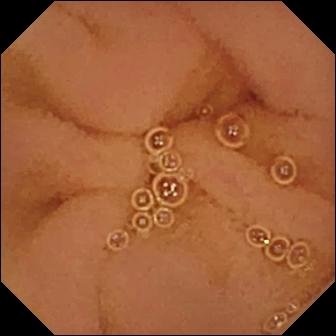modality: small-bowel capsule endoscopy; segment: small bowel; observation: normal clean mucosa